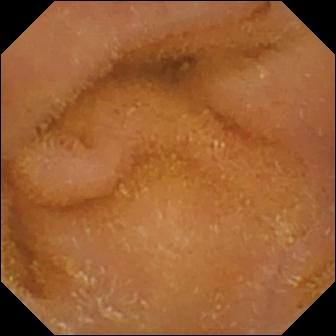{"modality": "wireless capsule endoscopy", "finding": "normal clean mucosa"}